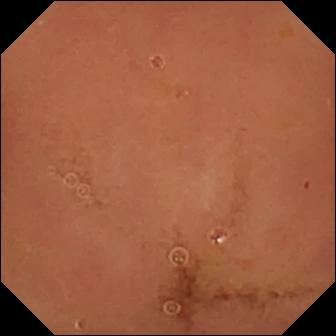Small-bowel capsule endoscopy frame showing normal clean mucosa.